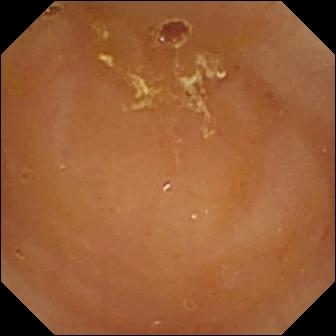This wireless capsule endoscopy frame of the small bowel shows reduced mucosal view (content or bubbles obscuring the mucosa).